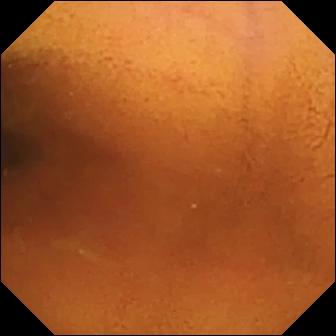{"modality": "video capsule endoscopy", "finding": "normal clean mucosa"}